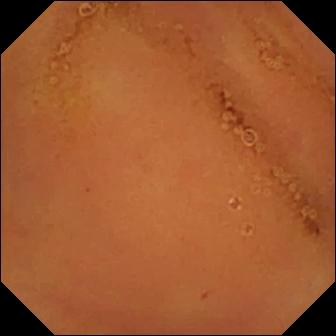Capsule endoscopy frame of the small bowel showing normal clean mucosa.